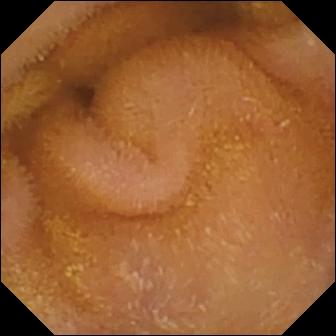Wireless capsule endoscopy — normal clean mucosa.